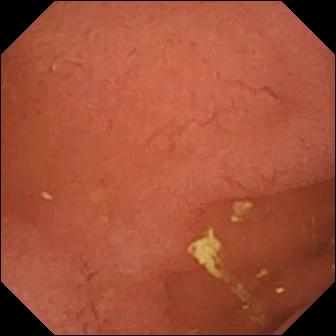Pylorus region.